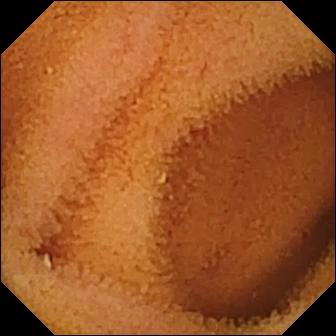This capsule endoscopy frame of the small intestine shows normal clean mucosa.